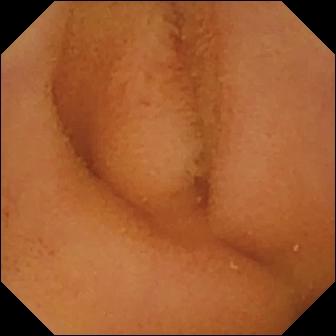Small-bowel capsule endoscopy snapshot, 336×336. Normal clean mucosa.